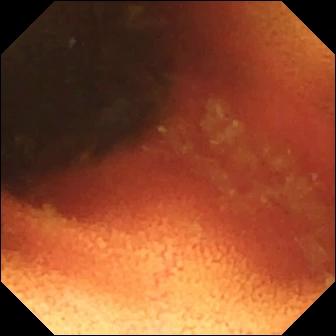- modality: capsule endoscopy
- label: ileo-cecal valve region (where the capsule passes from the small bowel into the large bowel)